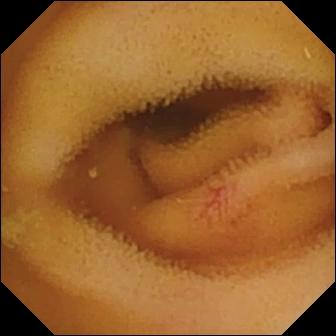Wireless capsule endoscopy — angiectasia.